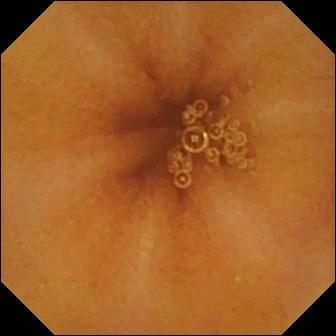VCE — normal clean mucosa.